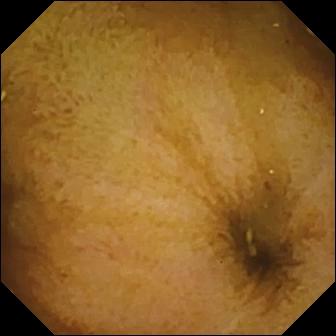This wireless capsule endoscopy image shows normal clean mucosa.